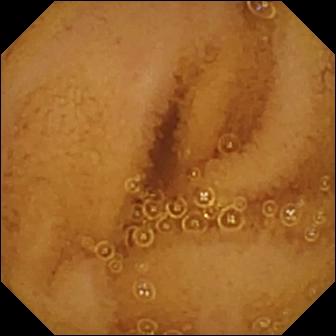WCE image (small intestine). Normal clean mucosa.